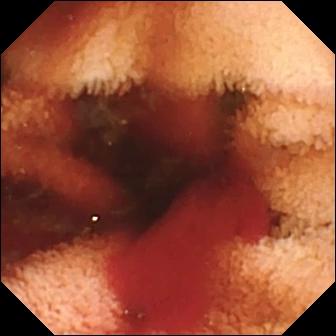This video capsule endoscopy frame shows fresh blood in the lumen.